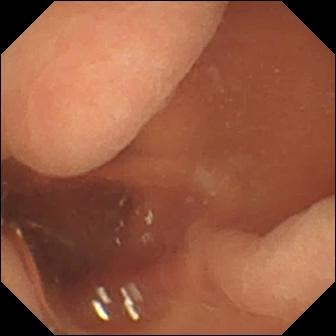Normal clean mucosa — video capsule endoscopy still.